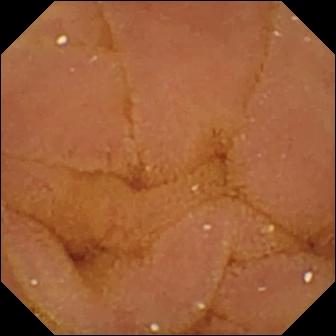WCE view, small bowel
Label: normal clean mucosa